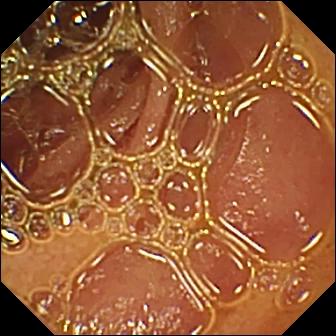modality: WCE; segment: small intestine; category: luminal finding; label: normal clean mucosa